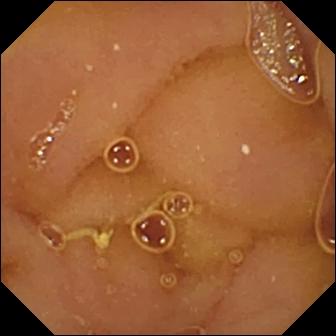Q: What does this small-bowel capsule endoscopy frame of the small bowel show?
A: Normal clean mucosa.